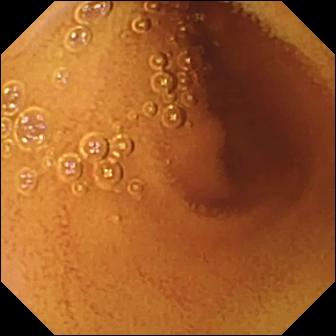modality: VCE; segment: small intestine; category: luminal finding; impression: normal clean mucosa